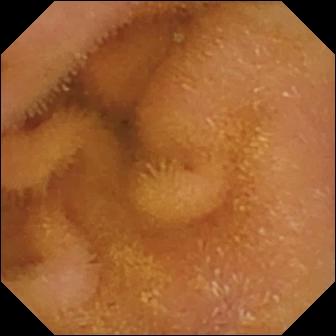This WCE still shows normal clean mucosa.